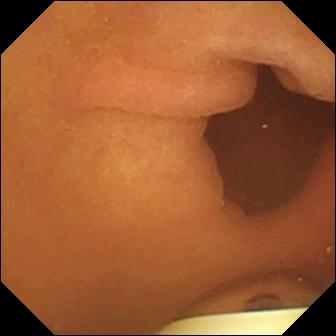Foreign body (e.g. retained capsule, tablet residue) — video capsule endoscopy image.